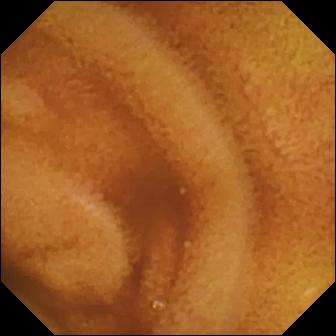modality: video capsule endoscopy
segment: small bowel
impression: normal clean mucosa